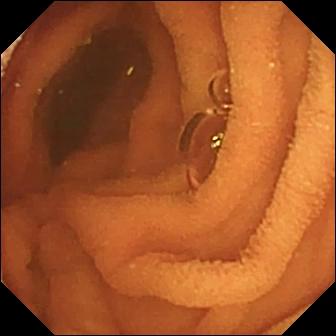modality: wireless capsule endoscopy; segment: small bowel; finding: normal clean mucosa